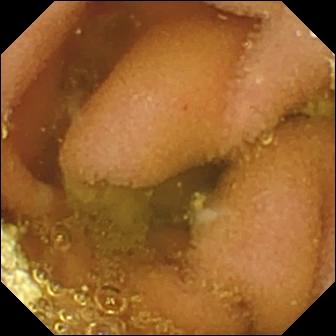Capsule endoscopy image showing lymphangiectasia.